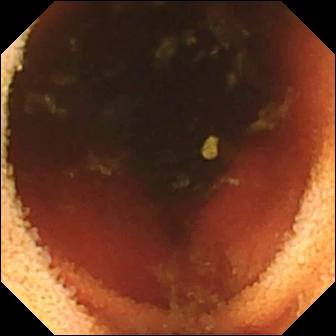VCE snapshot, 336×336. Taken in the ileo-cecal valve region.